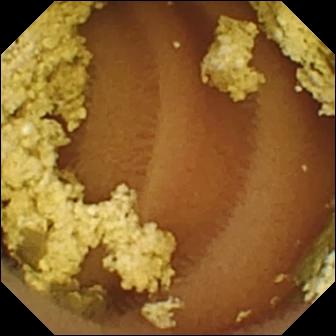WCE still
Impression: normal clean mucosa